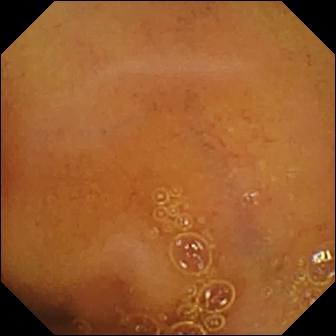Wireless capsule endoscopy. Impression: normal clean mucosa.